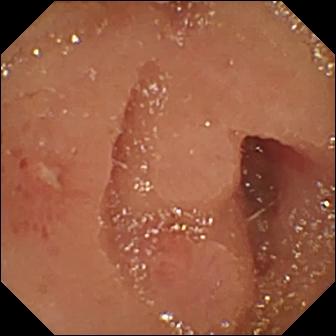- modality: wireless capsule endoscopy
- category: luminal finding
- impression: erosion